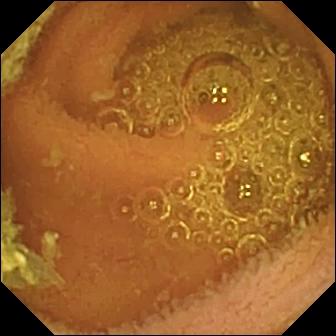Normal clean mucosa — video capsule endoscopy image of the small intestine.